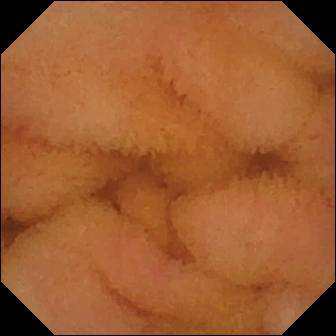modality: wireless capsule endoscopy | segment: small bowel | observation: normal clean mucosa